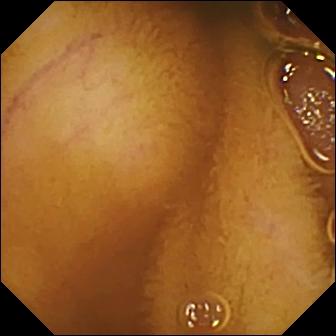- modality: small-bowel capsule endoscopy
- label: normal clean mucosa